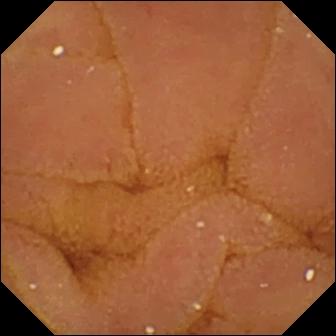Normal clean mucosa.